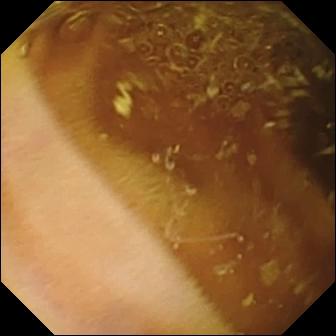Normal clean mucosa.